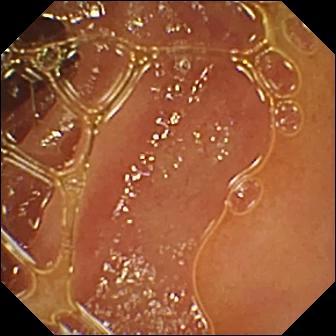VCE snapshot. Normal clean mucosa.